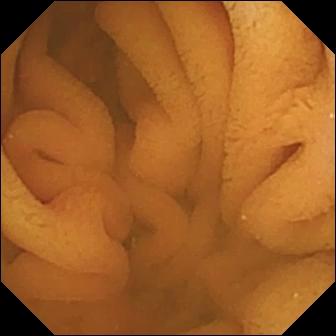modality: video capsule endoscopy | category: luminal finding | label: normal clean mucosa